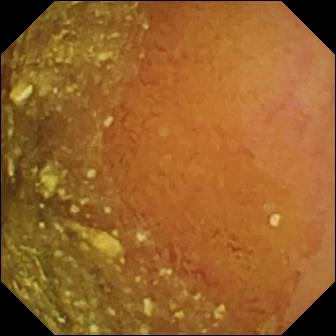This small-bowel capsule endoscopy still of the small bowel shows normal clean mucosa.